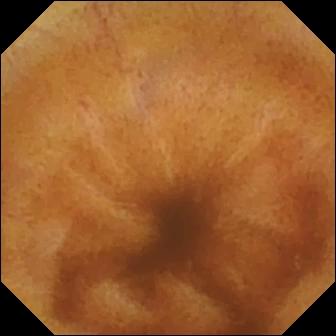modality: WCE | category: luminal finding | impression: normal clean mucosa